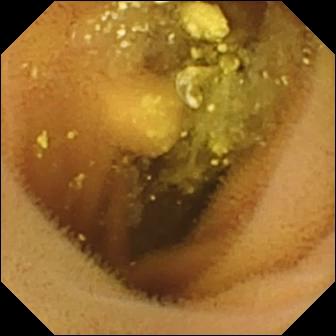VCE view
Label: lymphangiectasia